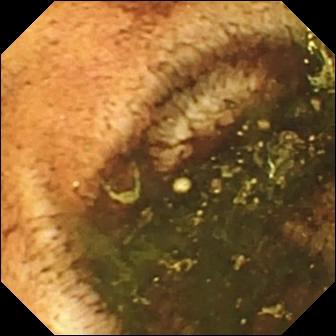Ileo-cecal valve region (the transition from the small bowel to the large bowel) — capsule endoscopy snapshot.